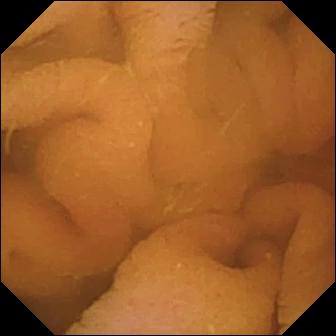Normal clean mucosa.